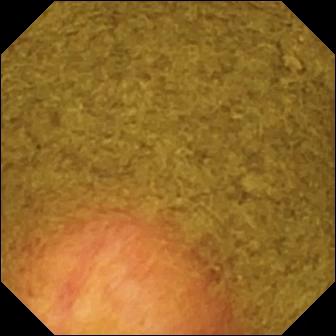Video capsule endoscopy image. Taken in the ileo-cecal valve region.